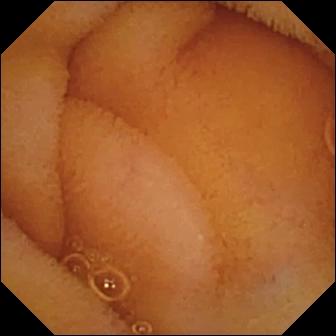Normal clean mucosa — WCE snapshot.